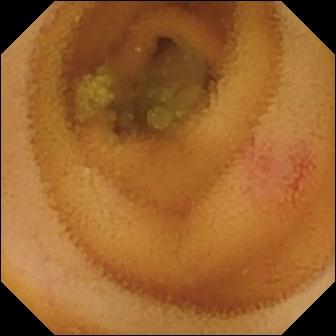Q: What does this wireless capsule endoscopy view show?
A: Angiectasia.